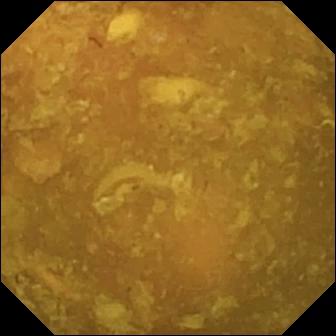Capsule endoscopy view. Reduced mucosal view (content or bubbles obscuring the mucosa).